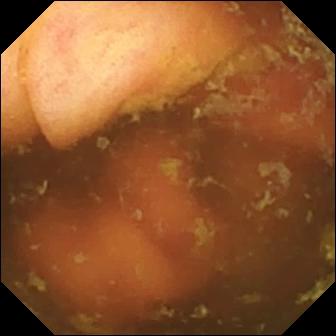Wireless capsule endoscopy image taken in the ileo-cecal valve region (where the capsule passes from the small bowel into the large bowel).